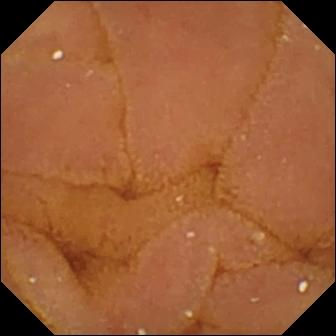- modality: VCE
- segment: small bowel
- category: luminal finding
- finding: normal clean mucosa